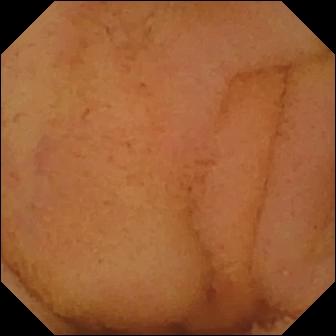PROCEDURE: WCE.
SEGMENT: Small intestine.
FINDINGS: Normal clean mucosa.